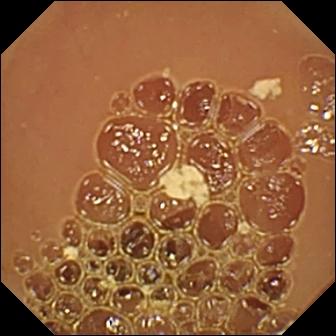Video capsule endoscopy. Luminal finding. Label: normal clean mucosa.